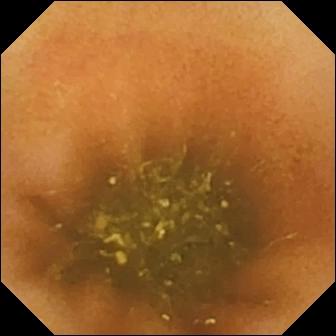modality: WCE; label: ileo-cecal valve region